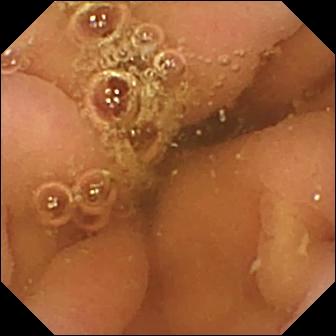Small-bowel capsule endoscopy — pylorus region.